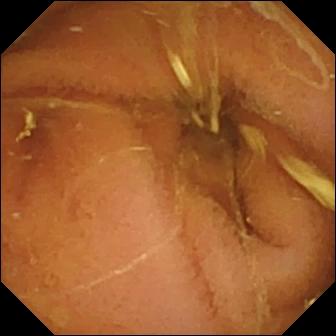{"modality": "wireless capsule endoscopy", "category": "luminal finding", "finding": "normal clean mucosa"}